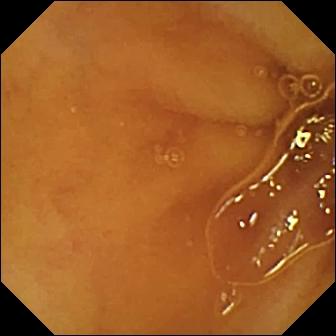WCE. Small bowel. Luminal finding. Observation: normal clean mucosa.